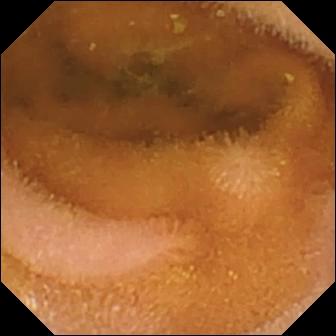Capsule endoscopy. Luminal finding. Observation: normal clean mucosa.